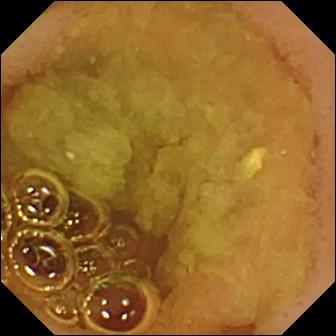modality: capsule endoscopy | segment: small bowel | label: normal clean mucosa